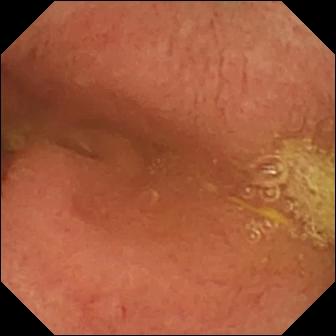Video capsule endoscopy image
Position: pylorus region